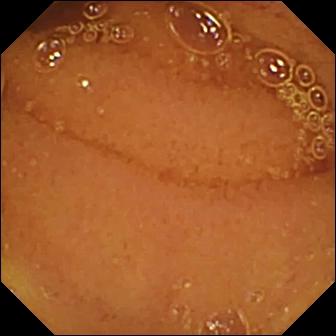{"modality": "capsule endoscopy", "finding": "normal clean mucosa"}